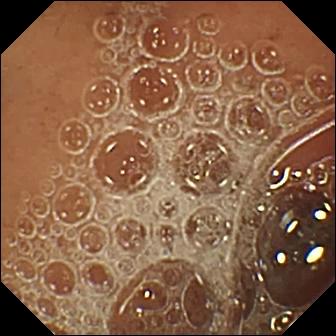This capsule endoscopy snapshot shows normal clean mucosa.